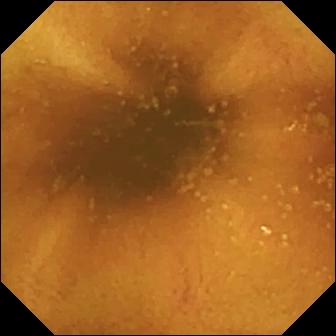Capsule endoscopy still showing normal clean mucosa.